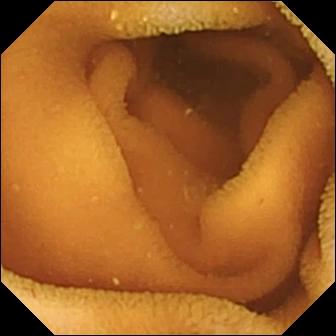PROCEDURE: VCE.
SEGMENT: Small bowel.
FINDINGS: Normal clean mucosa.